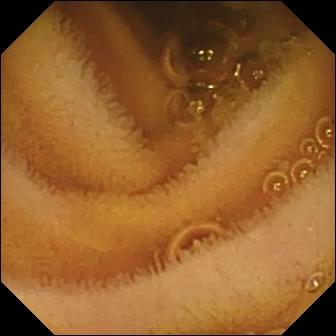This wireless capsule endoscopy snapshot shows normal clean mucosa.